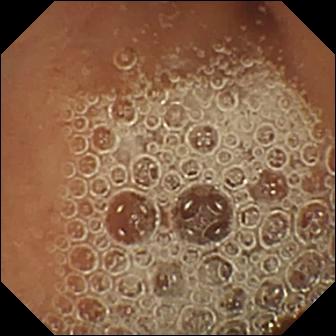Video capsule endoscopy. Observation: normal clean mucosa.